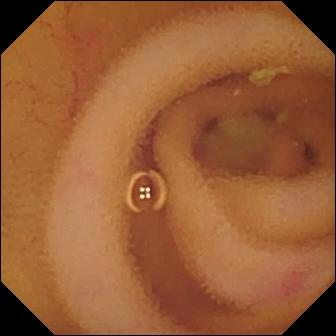PROCEDURE: WCE.
FINDINGS: Angiectasia.